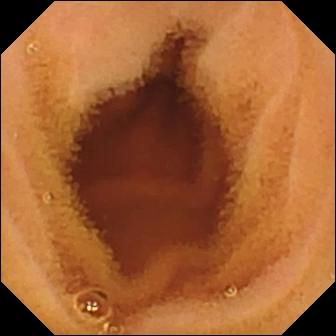VCE view (small bowel). Normal clean mucosa.